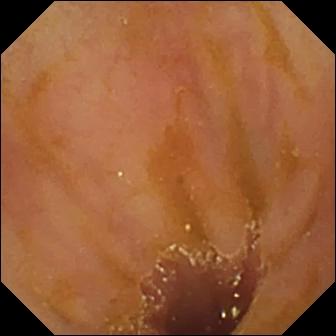- modality: WCE
- video segment: ileo-cecal valve region